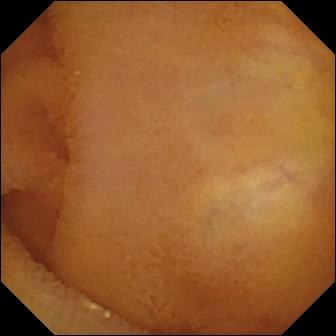This WCE frame shows normal clean mucosa.